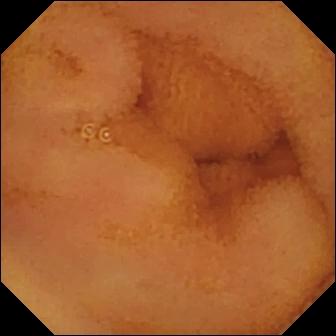PROCEDURE: VCE.
FINDINGS: Normal clean mucosa.